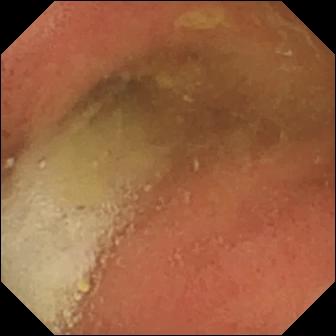This wireless capsule endoscopy view was taken in the pylorus region (the junction between the stomach and the small bowel).